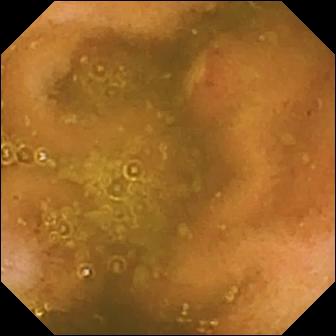Wireless capsule endoscopy — ulcer.